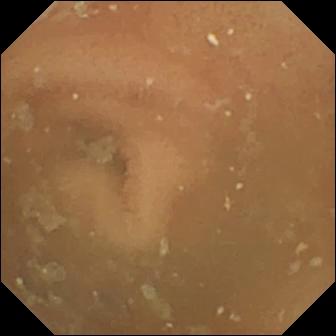Small-bowel capsule endoscopy. Small intestine. Finding: normal clean mucosa.